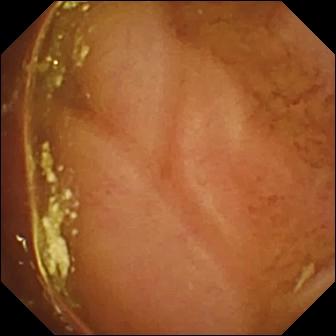Capsule endoscopy — normal clean mucosa.